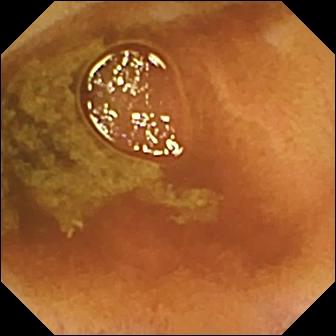modality: wireless capsule endoscopy
observation: normal clean mucosa